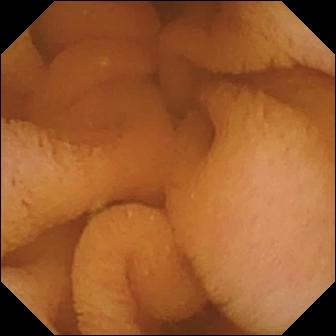{"modality": "small-bowel capsule endoscopy", "finding": "normal clean mucosa"}